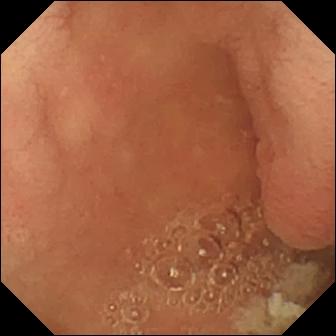Small-bowel capsule endoscopy frame. Taken in the pylorus region (where the capsule passes from the stomach into the small bowel).